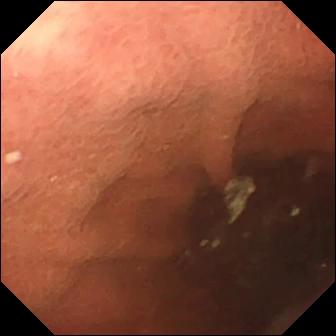- modality: wireless capsule endoscopy
- position: pylorus region (the junction between the stomach and the small bowel)